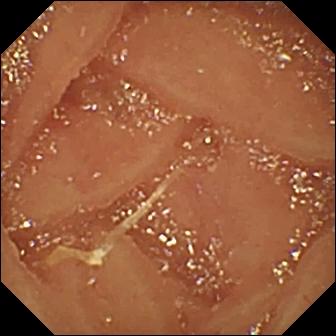PROCEDURE: Video capsule endoscopy.
FINDINGS: Normal clean mucosa.